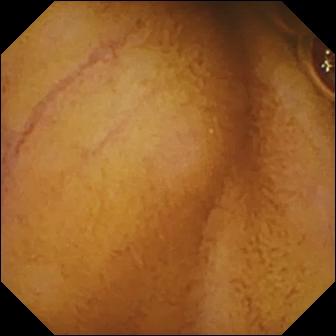Small-bowel capsule endoscopy image of the small bowel showing normal clean mucosa.